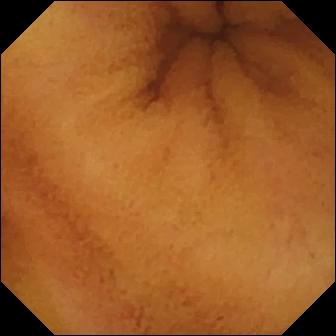Small-bowel capsule endoscopy — normal clean mucosa.